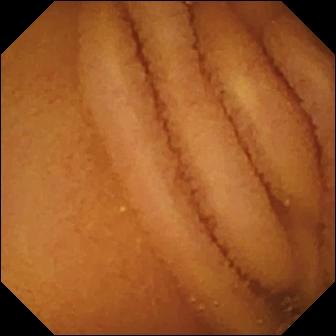This small-bowel capsule endoscopy frame shows normal clean mucosa.